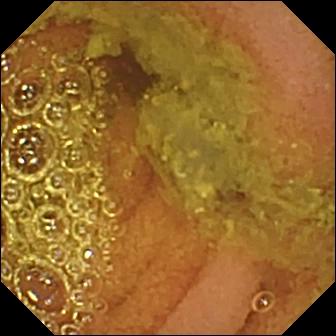PROCEDURE: Capsule endoscopy.
SEGMENT: Small bowel.
FINDINGS: Normal clean mucosa.